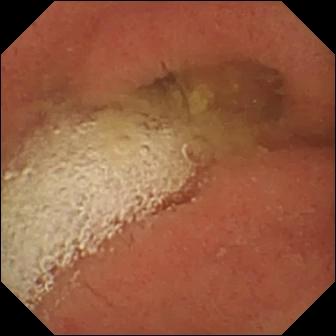PROCEDURE: Video capsule endoscopy.
LABEL: Pylorus region (where the capsule passes from the stomach into the small bowel).